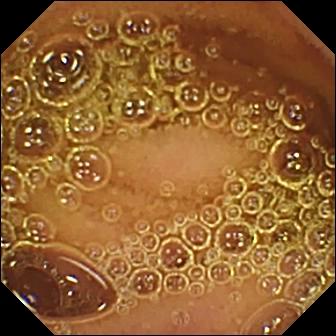Normal clean mucosa.